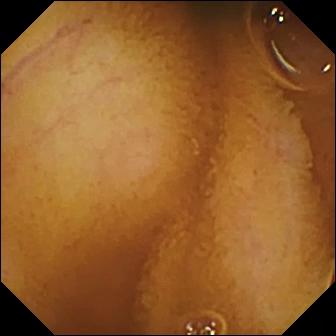Normal clean mucosa.